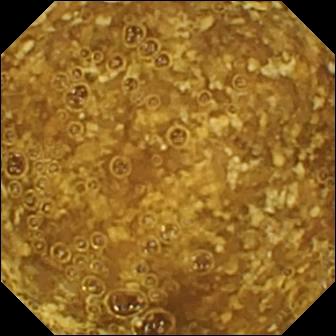This WCE snapshot of the small bowel shows reduced mucosal view (content or bubbles obscuring the mucosa).